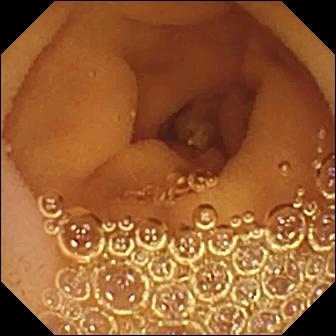WCE snapshot of the small intestine showing normal clean mucosa.